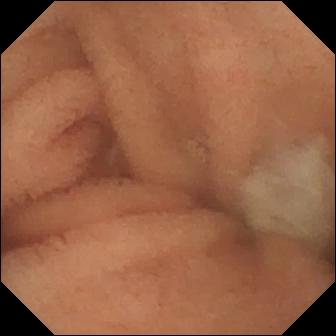Normal clean mucosa (336×336).